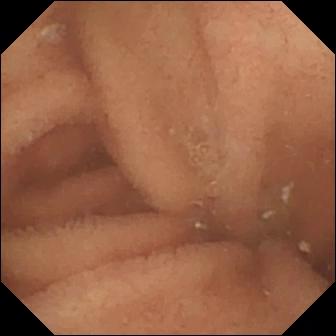PROCEDURE: Small-bowel capsule endoscopy.
FINDINGS: Normal clean mucosa.